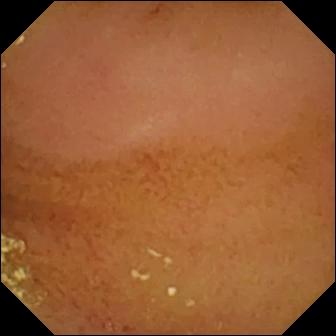PROCEDURE: Capsule endoscopy.
FINDINGS: Normal clean mucosa.